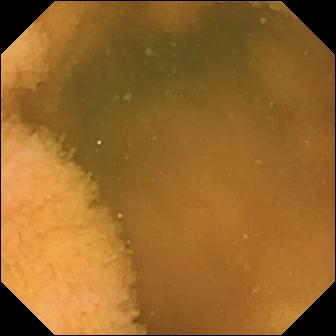- modality: video capsule endoscopy
- observation: normal clean mucosa